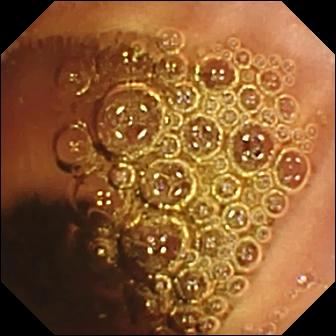Small-bowel capsule endoscopy. Luminal finding. Label: normal clean mucosa.